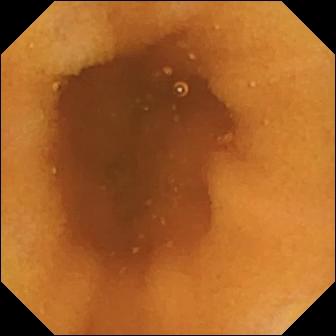Normal clean mucosa.